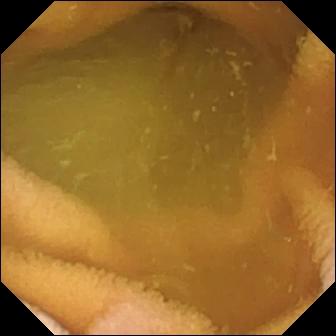PROCEDURE: VCE.
SEGMENT: Small bowel.
FINDINGS: Normal clean mucosa.